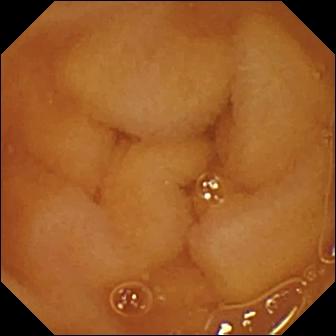modality: WCE
segment: small intestine
label: normal clean mucosa